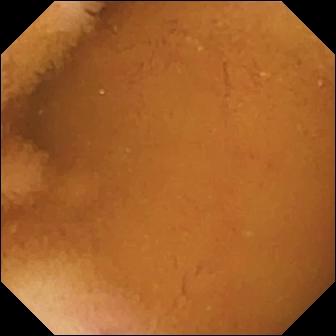Q: What does this capsule endoscopy frame show?
A: Normal clean mucosa.